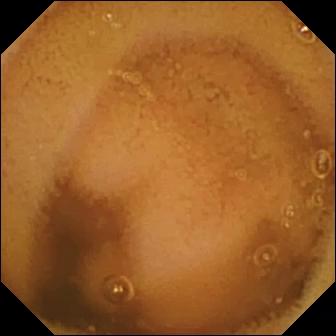Small-bowel capsule endoscopy. Luminal finding. Observation: normal clean mucosa.